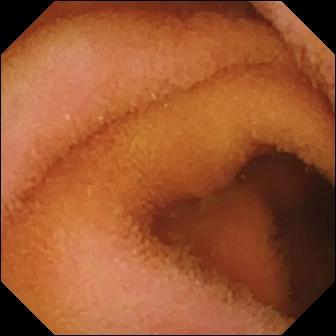Wireless capsule endoscopy frame showing normal clean mucosa.